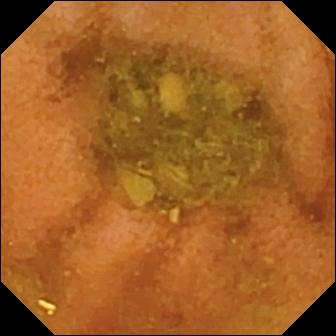Q: What does this wireless capsule endoscopy view show?
A: Normal clean mucosa.